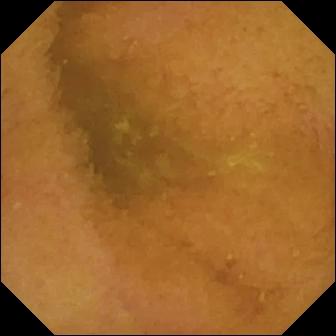VCE view, small bowel
Impression: normal clean mucosa